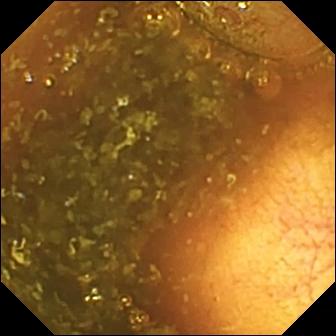Wireless capsule endoscopy snapshot taken in the ileo-cecal valve region (where the capsule passes from the small bowel into the large bowel).